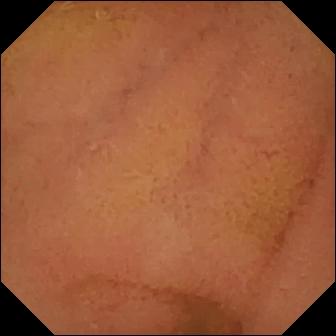- modality: video capsule endoscopy
- segment: small intestine
- category: luminal finding
- label: normal clean mucosa